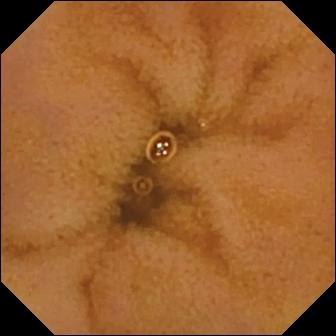WCE — normal clean mucosa.